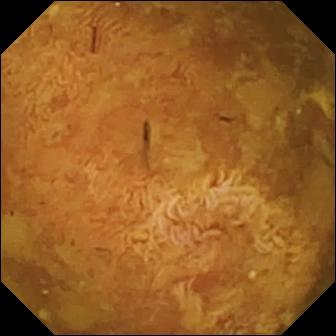WCE view
Impression: reduced mucosal view (content or bubbles obscuring the mucosa)